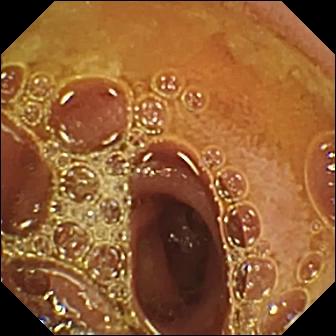PROCEDURE: Capsule endoscopy.
SEGMENT: Small intestine.
FINDINGS: Normal clean mucosa.